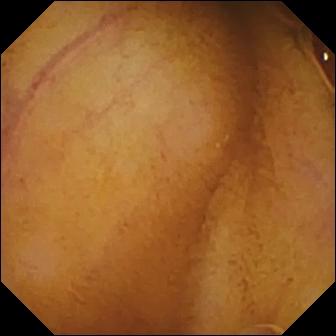This small-bowel capsule endoscopy view shows normal clean mucosa.